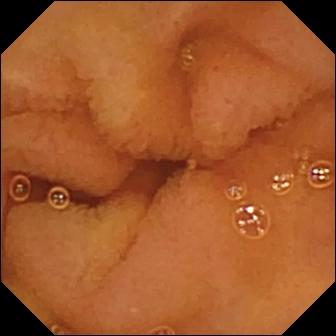PROCEDURE: Wireless capsule endoscopy.
SEGMENT: Small bowel.
FINDINGS: Normal clean mucosa.